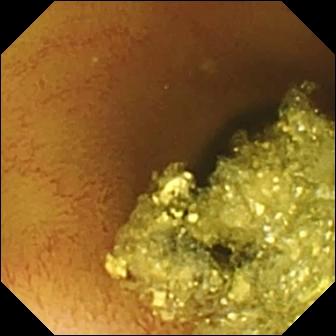modality: small-bowel capsule endoscopy
segment: small bowel
observation: normal clean mucosa